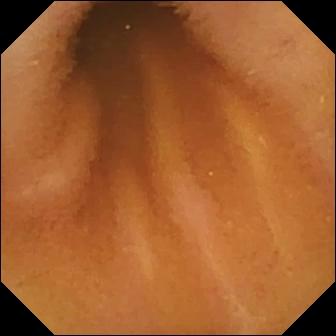Normal clean mucosa — video capsule endoscopy image of the small bowel.